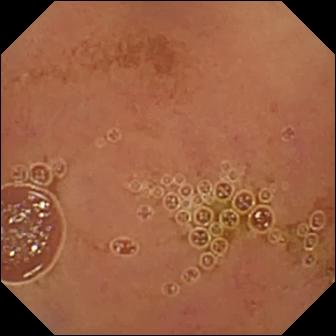{"modality": "small-bowel capsule endoscopy", "segment": "small intestine", "finding": "normal clean mucosa"}